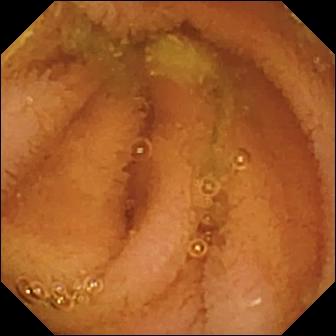Video capsule endoscopy. Finding: normal clean mucosa.